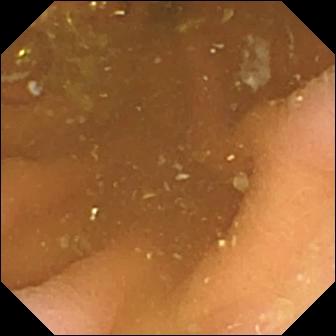modality: WCE; position: pylorus region